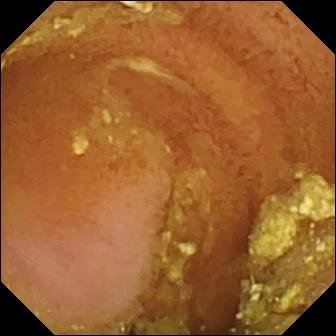- modality: WCE
- label: normal clean mucosa